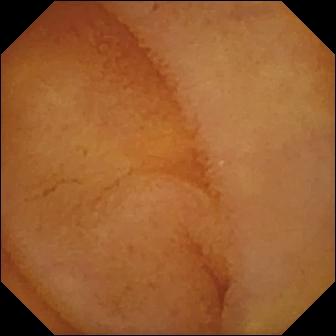- modality: small-bowel capsule endoscopy
- finding: normal clean mucosa